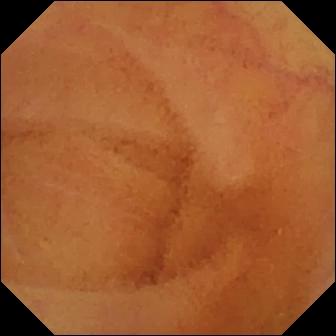- modality: WCE
- segment: small bowel
- category: luminal finding
- observation: normal clean mucosa